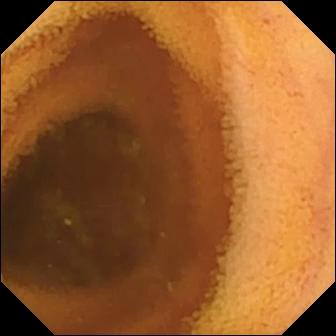Small-bowel capsule endoscopy frame of the small intestine showing normal clean mucosa.